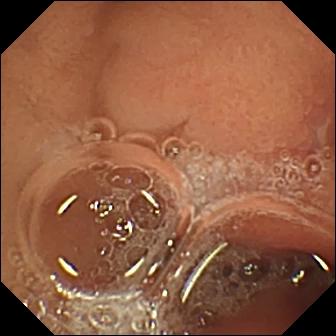Wireless capsule endoscopy — erosion.